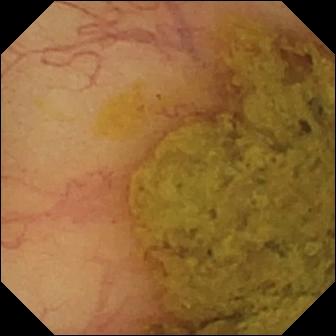- modality: WCE
- position: ileo-cecal valve region (the transition from the small bowel to the large bowel)